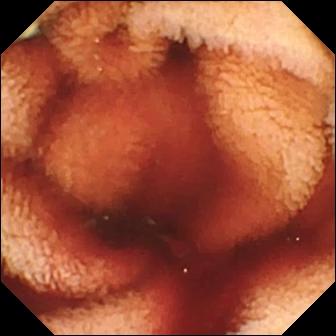Video capsule endoscopy image
Impression: fresh blood in the lumen